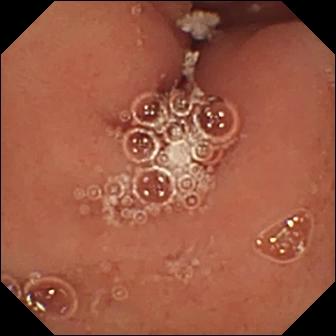{"modality": "capsule endoscopy", "location": "pylorus region (the junction between the stomach and the small bowel)"}